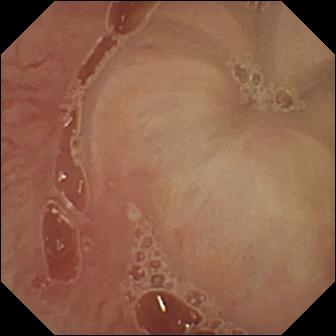VCE image. Taken in the pylorus region.